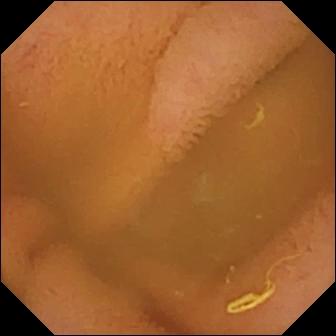Capsule endoscopy frame of the small intestine showing normal clean mucosa.